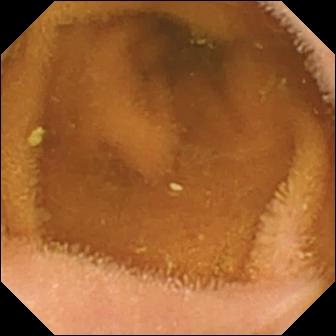WCE image showing normal clean mucosa.